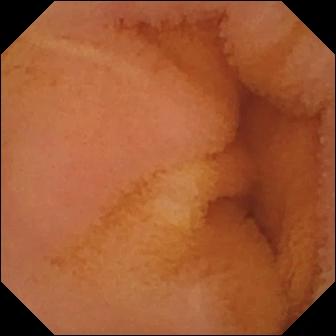PROCEDURE: VCE.
SEGMENT: Small intestine.
FINDINGS: Normal clean mucosa.